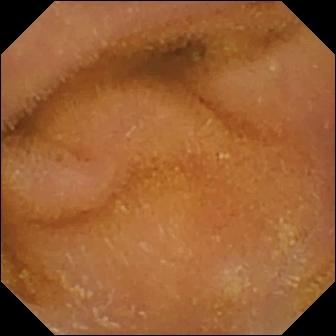Video capsule endoscopy image showing normal clean mucosa.